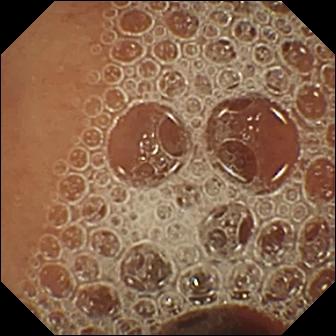PROCEDURE: WCE.
FINDINGS: Normal clean mucosa.